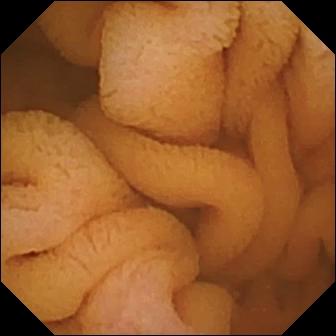Video capsule endoscopy — normal clean mucosa.